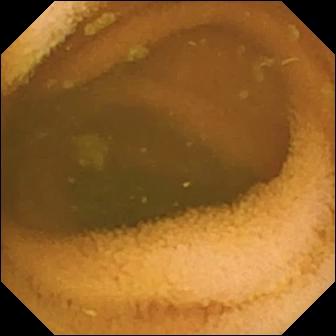Capsule endoscopy — normal clean mucosa.